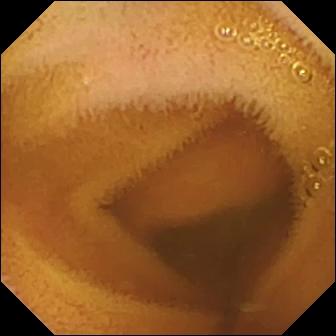Normal clean mucosa.